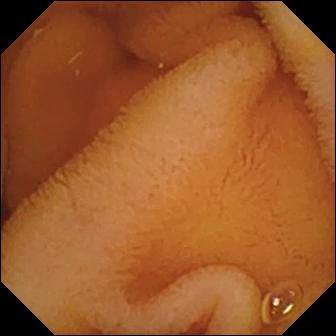PROCEDURE: WCE.
SEGMENT: Small intestine.
FINDINGS: Normal clean mucosa.